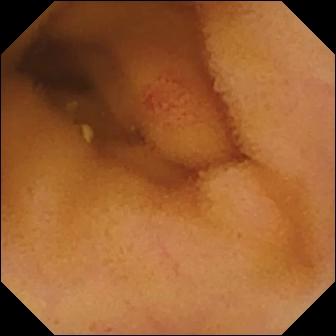modality: VCE
category: luminal finding
impression: angiectasia